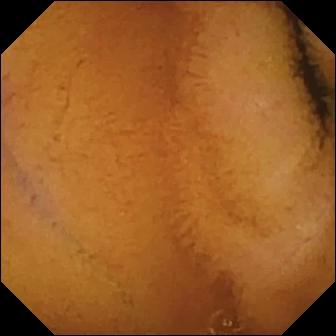Capsule endoscopy image of the small intestine showing normal clean mucosa.